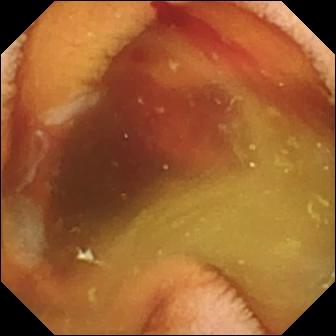Fresh blood in the lumen — wireless capsule endoscopy still.